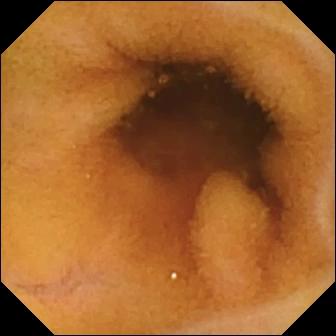- modality: VCE
- observation: normal clean mucosa